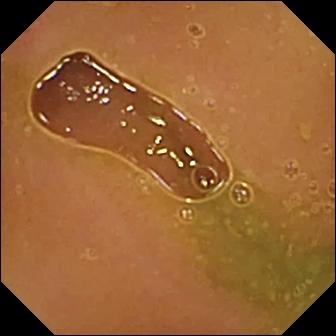Video capsule endoscopy — normal clean mucosa.